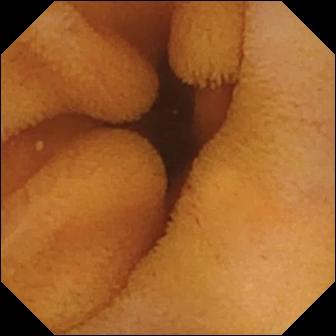Wireless capsule endoscopy frame
Observation: normal clean mucosa